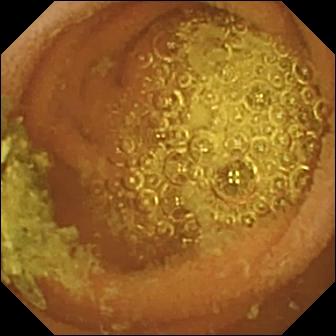Capsule endoscopy image of the small bowel showing normal clean mucosa.